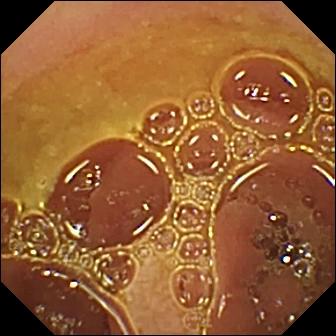Normal clean mucosa.